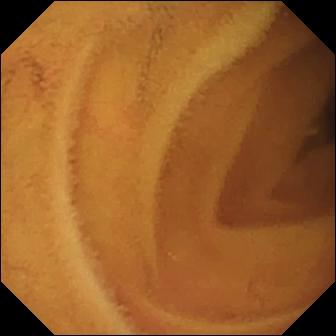{"modality": "WCE", "segment": "small bowel", "finding": "normal clean mucosa"}